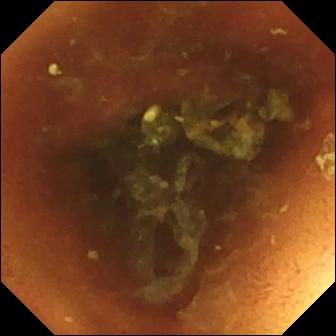{"modality": "capsule endoscopy", "segment": "small bowel", "finding": "normal clean mucosa"}